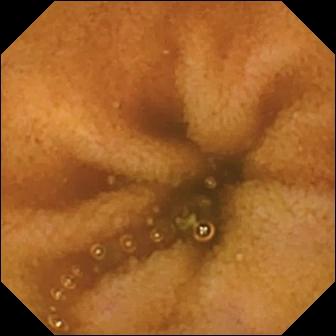Wireless capsule endoscopy — normal clean mucosa.